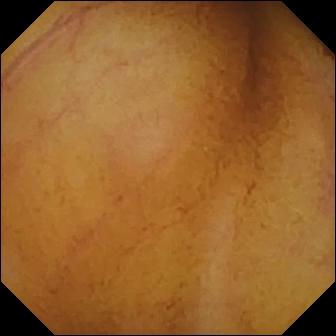VCE still
Finding: normal clean mucosa